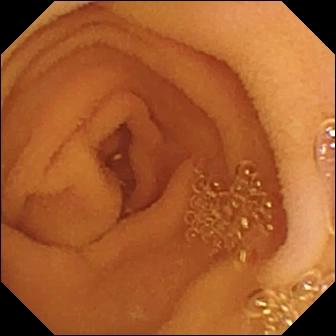modality: small-bowel capsule endoscopy
label: normal clean mucosa